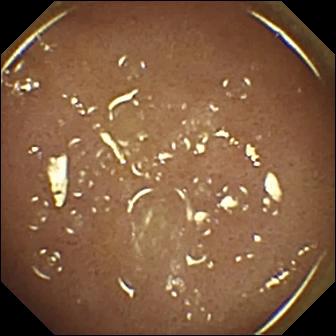Small-bowel capsule endoscopy. Near an anatomical landmark. Position: ileo-cecal valve region (where the capsule passes from the small bowel into the large bowel).